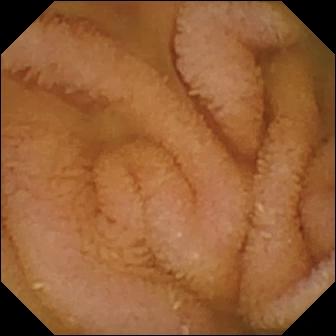This small-bowel capsule endoscopy image shows normal clean mucosa.